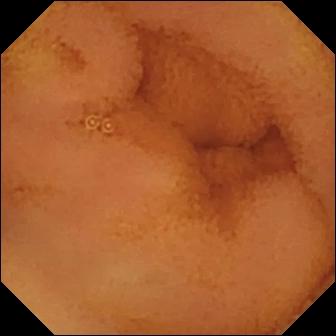- modality: wireless capsule endoscopy
- segment: small intestine
- category: luminal finding
- finding: normal clean mucosa